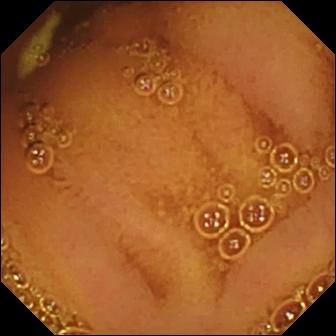Normal clean mucosa — video capsule endoscopy view.